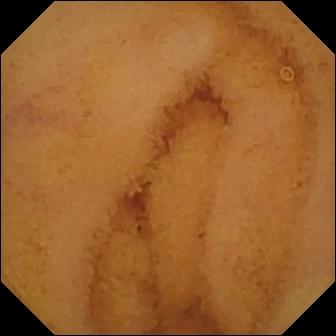WCE — normal clean mucosa.